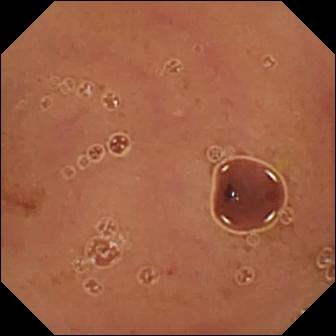This video capsule endoscopy image shows normal clean mucosa.